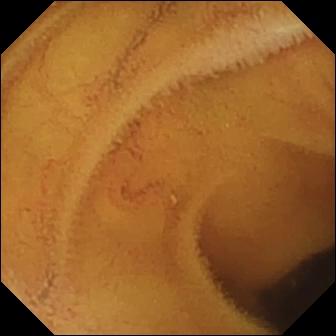Q: What does this small-bowel capsule endoscopy image of the small bowel show?
A: Normal clean mucosa.